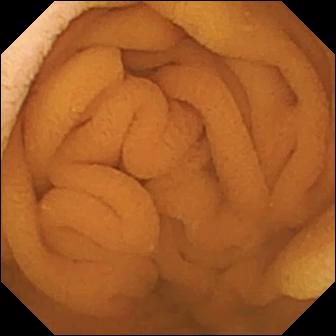Capsule endoscopy — normal clean mucosa.